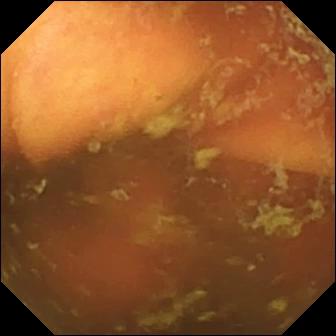- modality: WCE
- video segment: ileo-cecal valve region (the transition from the small bowel to the large bowel)